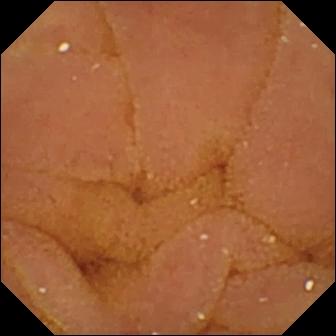Normal clean mucosa — wireless capsule endoscopy frame of the small intestine.